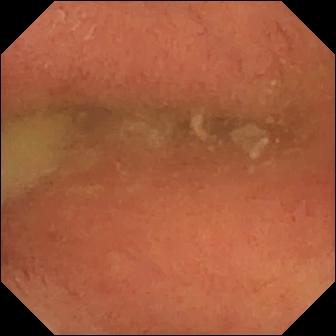This WCE frame was taken in the pylorus region.